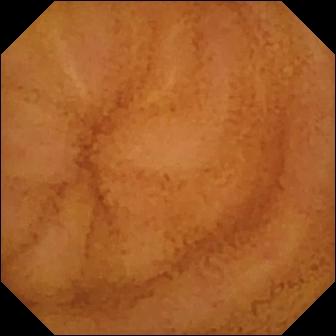Wireless capsule endoscopy — normal clean mucosa.